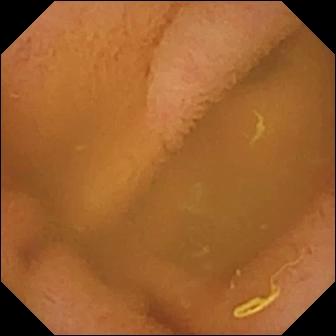Wireless capsule endoscopy image. Normal clean mucosa.